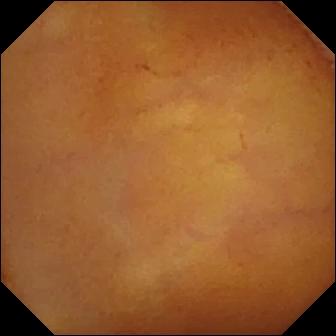Video capsule endoscopy. Finding: normal clean mucosa.